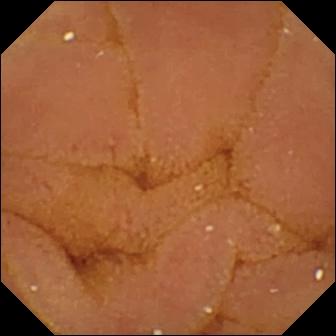This small-bowel capsule endoscopy still of the small intestine shows normal clean mucosa.